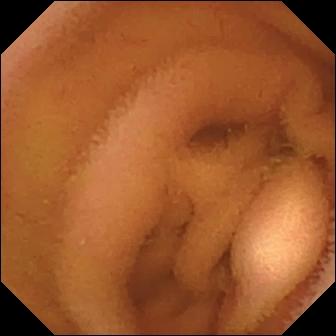Capsule endoscopy still
Impression: normal clean mucosa